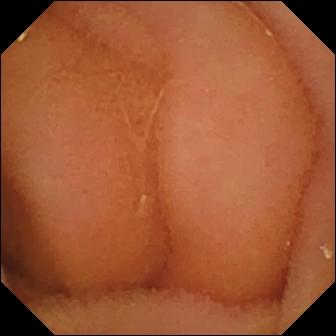Capsule endoscopy snapshot of the small bowel showing normal clean mucosa.